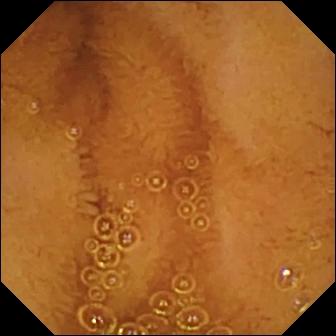Q: What does this WCE frame show?
A: Normal clean mucosa.